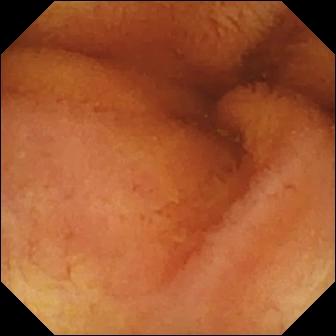Small-bowel capsule endoscopy still, small intestine
Finding: normal clean mucosa